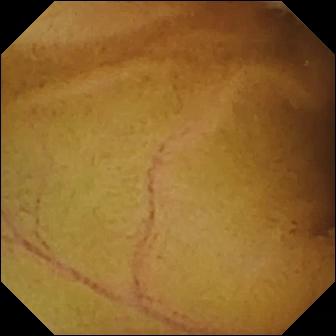Normal clean mucosa.